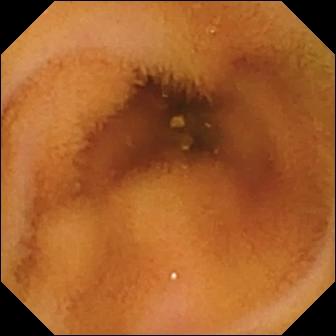- modality: wireless capsule endoscopy
- segment: small intestine
- category: luminal finding
- impression: normal clean mucosa